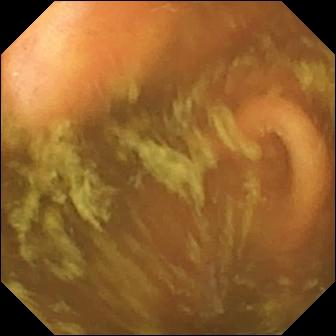Ileo-cecal valve region — VCE still.